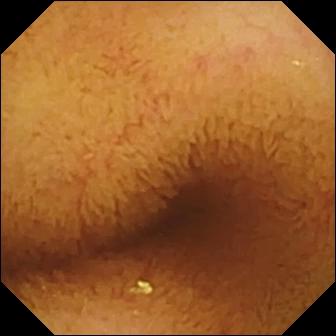Q: What does this video capsule endoscopy view show?
A: Normal clean mucosa.